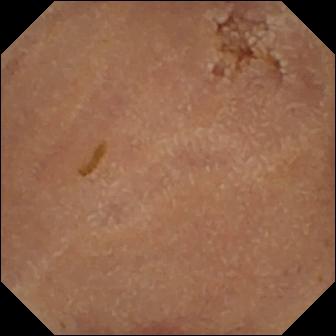VCE. Small intestine. Finding: normal clean mucosa.